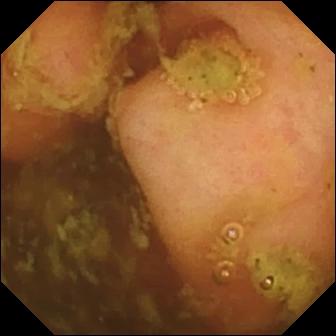Small-bowel capsule endoscopy — ileo-cecal valve region.